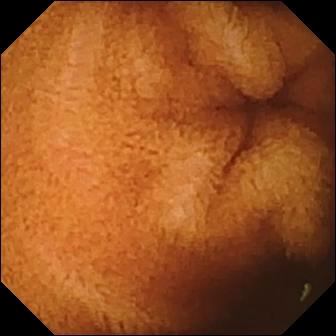- modality: small-bowel capsule endoscopy
- segment: small bowel
- observation: normal clean mucosa